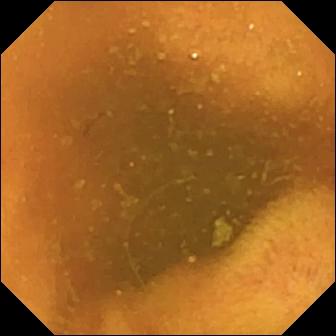This wireless capsule endoscopy view shows normal clean mucosa.